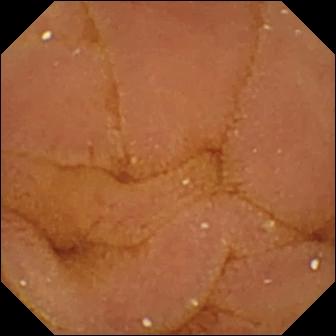Normal clean mucosa.